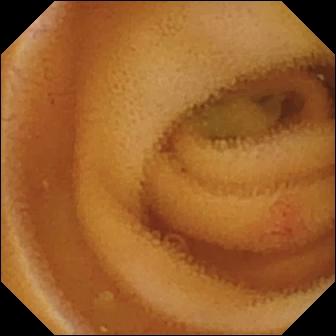Angiectasia — wireless capsule endoscopy snapshot.